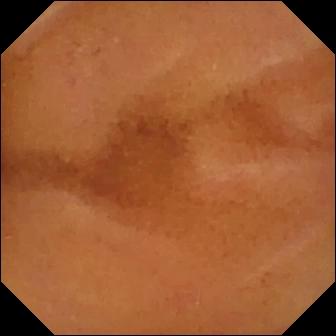This small-bowel capsule endoscopy image shows normal clean mucosa.